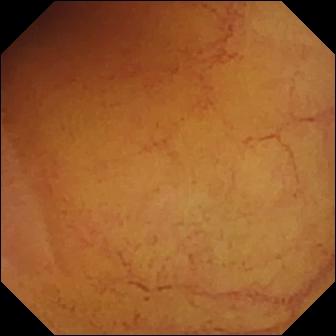This video capsule endoscopy image of the small intestine shows normal clean mucosa.